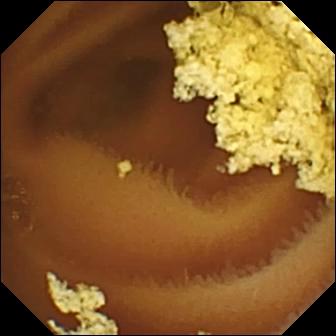{"modality": "WCE", "segment": "small intestine", "finding": "normal clean mucosa"}